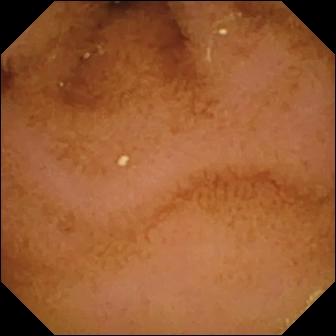Normal clean mucosa — VCE still.